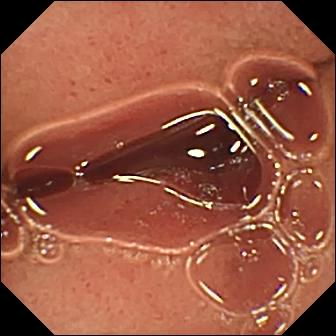{"modality": "WCE", "category": "anatomical landmark", "label": "pylorus region"}